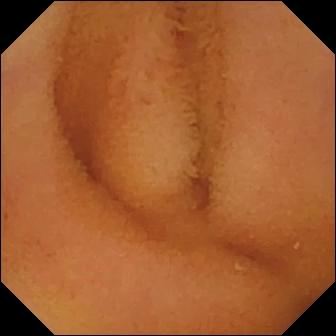Normal clean mucosa.